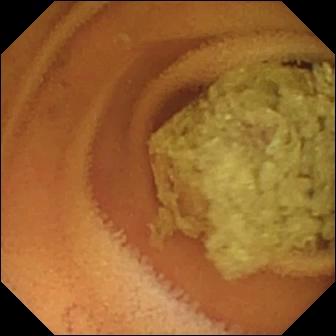Normal clean mucosa.